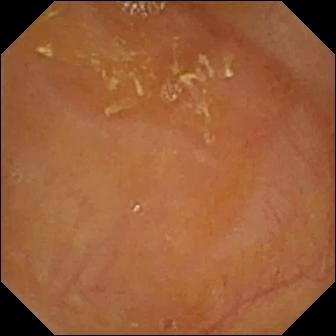Reduced mucosal view (content or bubbles obscuring the mucosa) (336×336).